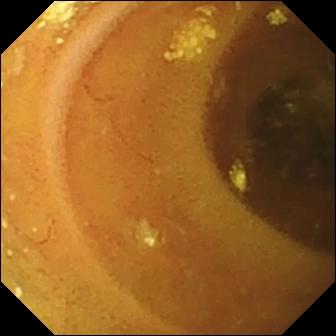Wireless capsule endoscopy. Finding: lymphangiectasia.